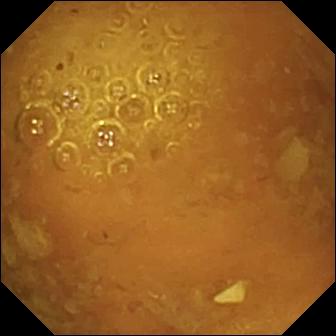Reduced mucosal view (content or bubbles obscuring the mucosa) — small-bowel capsule endoscopy still.